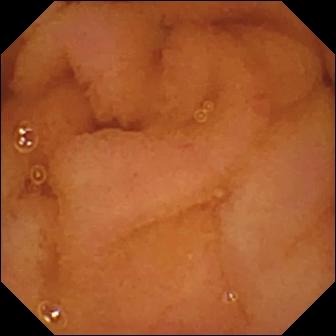modality: small-bowel capsule endoscopy
segment: small bowel
category: luminal finding
label: normal clean mucosa